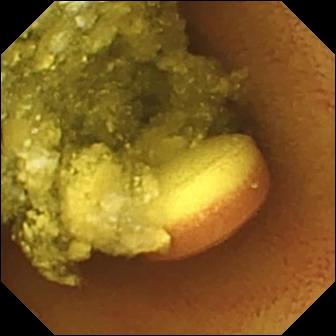Capsule endoscopy snapshot showing foreign body (e.g. retained capsule, tablet residue).